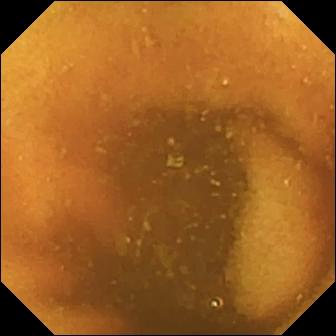Normal clean mucosa.